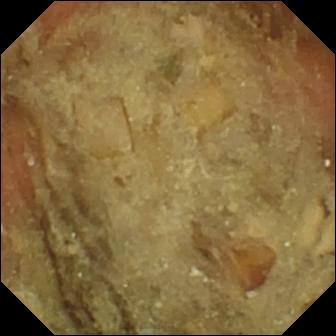modality: video capsule endoscopy; label: pylorus region (the junction between the stomach and the small bowel)